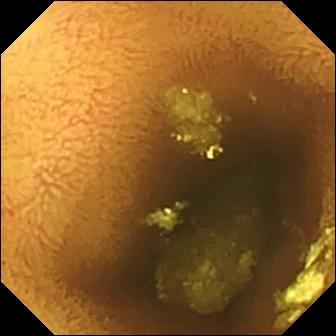VCE snapshot, small intestine
Finding: normal clean mucosa